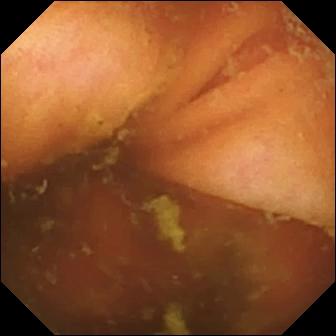- modality: WCE
- position: ileo-cecal valve region (the transition from the small bowel to the large bowel)